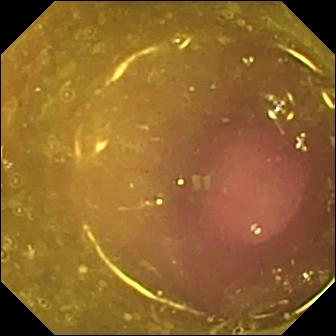PROCEDURE: Small-bowel capsule endoscopy.
SEGMENT: Small bowel.
FINDINGS: Reduced mucosal view (content or bubbles obscuring the mucosa).